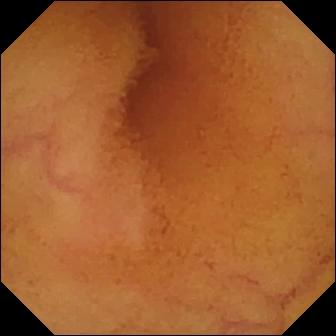VCE image showing normal clean mucosa.